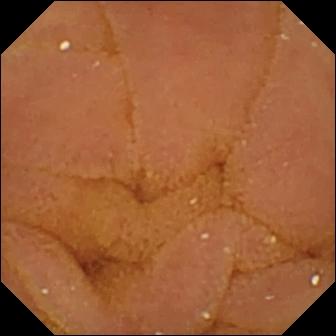Normal clean mucosa — video capsule endoscopy snapshot of the small bowel.